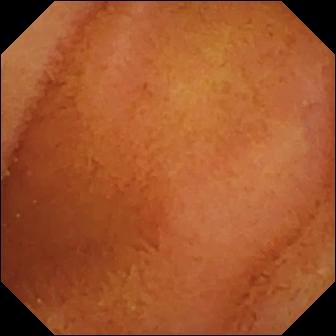Normal clean mucosa.